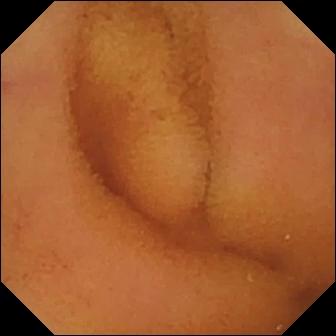VCE. Impression: normal clean mucosa.